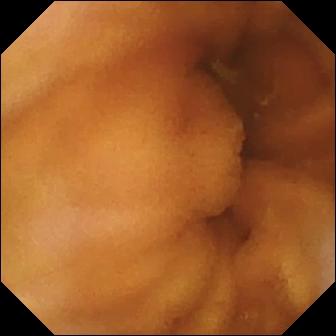- modality: WCE
- label: normal clean mucosa